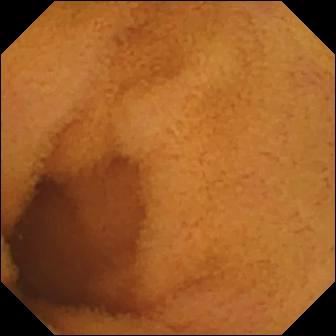WCE view. Normal clean mucosa.